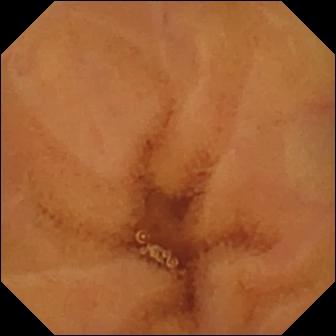{"modality": "wireless capsule endoscopy", "segment": "small bowel", "finding": "normal clean mucosa"}